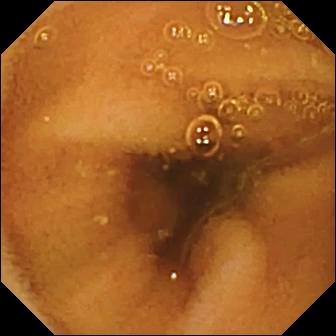WCE view of the small intestine showing normal clean mucosa.